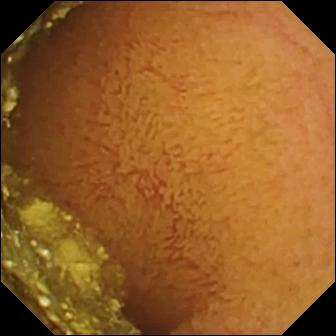{"modality": "wireless capsule endoscopy", "finding": "normal clean mucosa"}